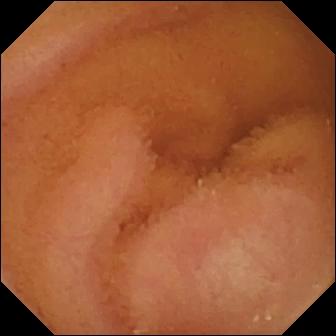This WCE still shows normal clean mucosa.